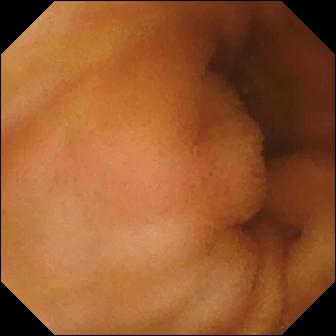- modality: VCE
- impression: normal clean mucosa